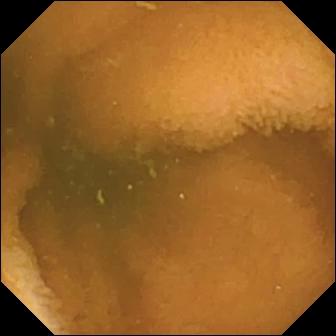This VCE frame shows normal clean mucosa.